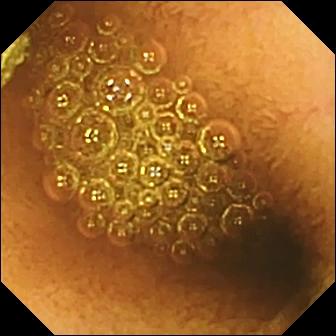Wireless capsule endoscopy still
Label: reduced mucosal view (content or bubbles obscuring the mucosa)